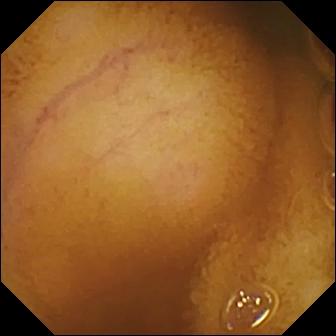Q: What does this video capsule endoscopy image show?
A: Normal clean mucosa.